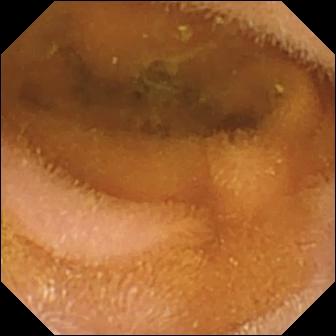- modality: wireless capsule endoscopy
- segment: small intestine
- finding: normal clean mucosa